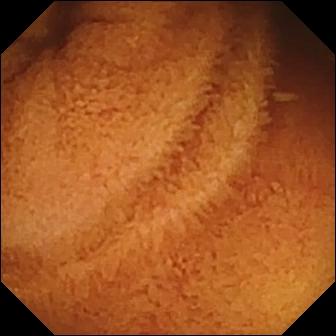This VCE view shows normal clean mucosa.